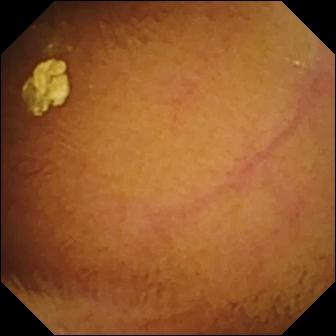modality: wireless capsule endoscopy
finding: normal clean mucosa